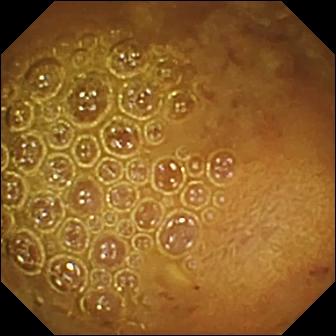This wireless capsule endoscopy snapshot shows reduced mucosal view (content or bubbles obscuring the mucosa).